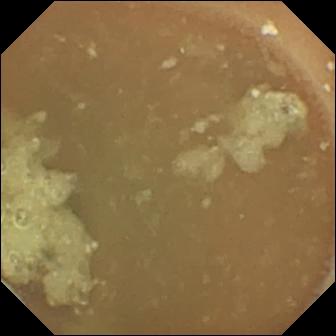Wireless capsule endoscopy frame of the small intestine showing normal clean mucosa.